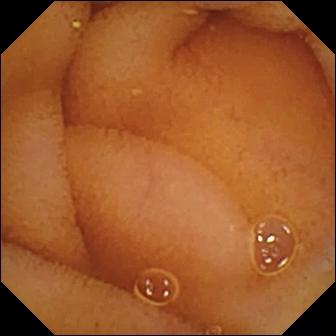- modality: small-bowel capsule endoscopy
- segment: small bowel
- impression: normal clean mucosa